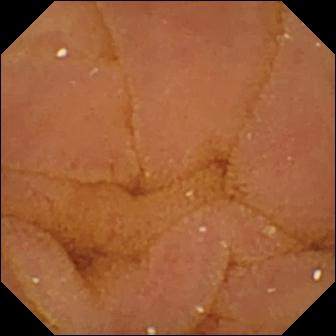Video capsule endoscopy image showing normal clean mucosa.